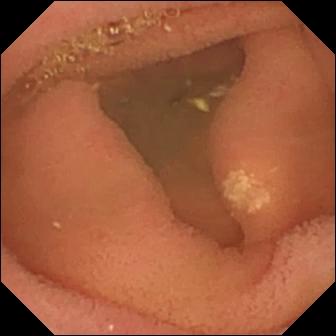{"modality": "wireless capsule endoscopy", "finding": "lymphangiectasia"}